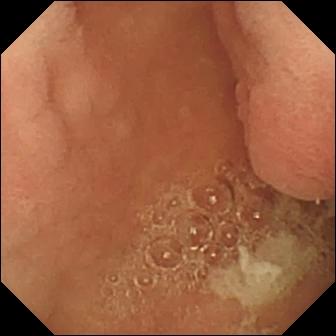{"modality": "small-bowel capsule endoscopy", "video_segment": "pylorus region"}